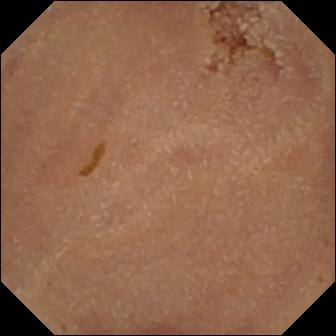Video capsule endoscopy — normal clean mucosa.